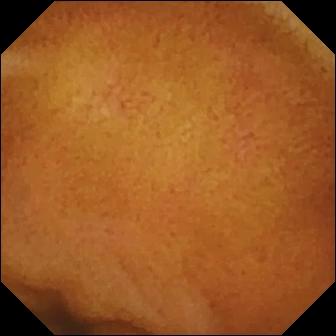PROCEDURE: WCE.
FINDINGS: Normal clean mucosa.